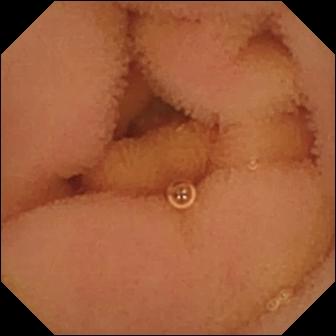Small-bowel capsule endoscopy view, 336×336. Normal clean mucosa.